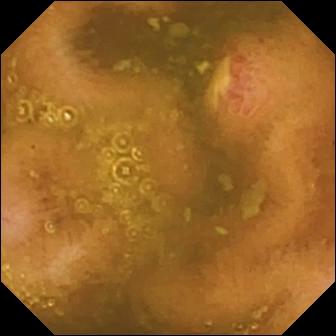Ulcer — video capsule endoscopy frame.